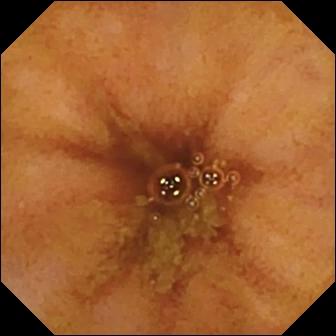VCE snapshot, 336×336. Taken in the ileo-cecal valve region (the transition from the small bowel to the large bowel).